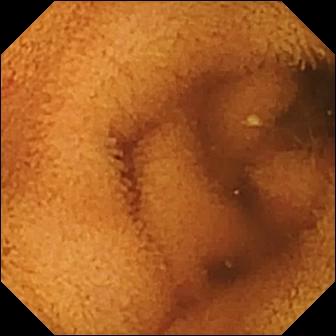WCE — normal clean mucosa.